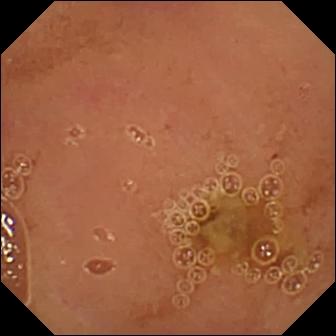- modality: capsule endoscopy
- segment: small bowel
- category: luminal finding
- finding: normal clean mucosa